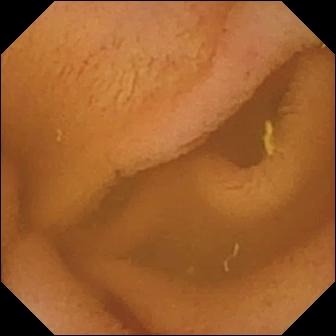Capsule endoscopy. Observation: normal clean mucosa.